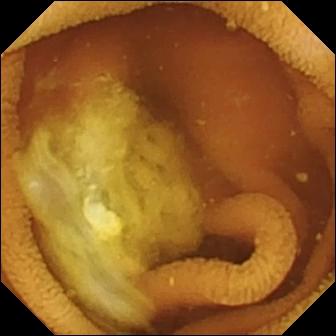modality: capsule endoscopy | category: luminal finding | label: normal clean mucosa